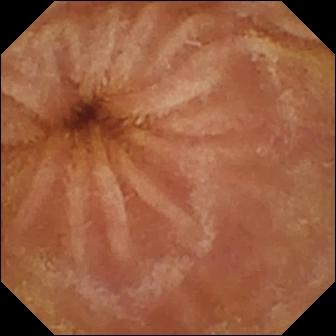This small-bowel capsule endoscopy frame of the small bowel shows normal clean mucosa.